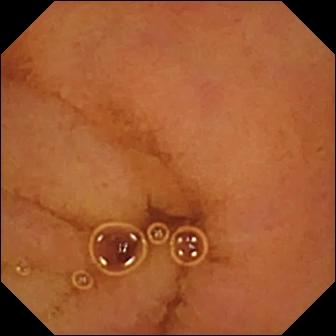This WCE view shows normal clean mucosa.